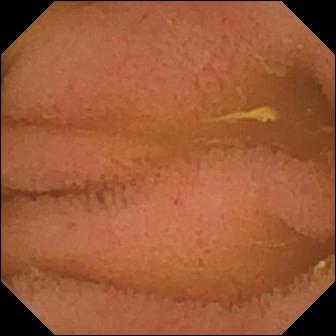WCE still, small intestine
Observation: normal clean mucosa